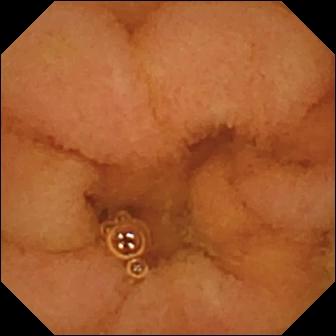Normal clean mucosa.